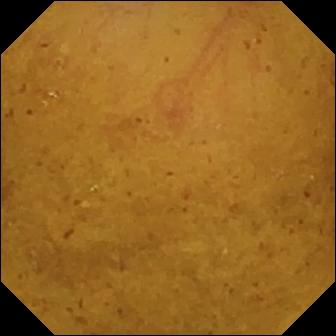VCE snapshot taken in the ileo-cecal valve region (the transition from the small bowel to the large bowel).